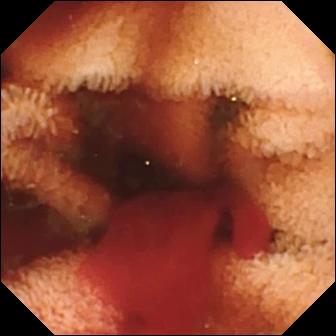- modality: wireless capsule endoscopy
- finding: fresh blood in the lumen